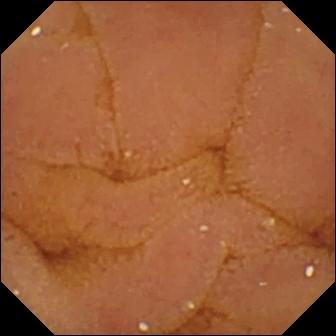Capsule endoscopy — normal clean mucosa.